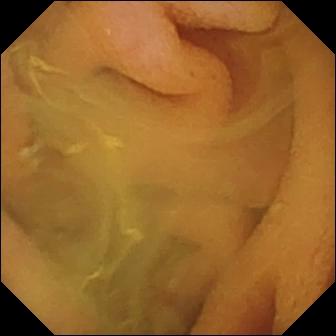Wireless capsule endoscopy snapshot (small intestine). Normal clean mucosa.